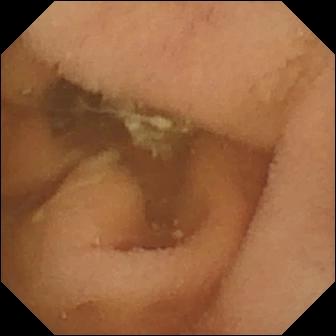Video capsule endoscopy. Impression: normal clean mucosa.